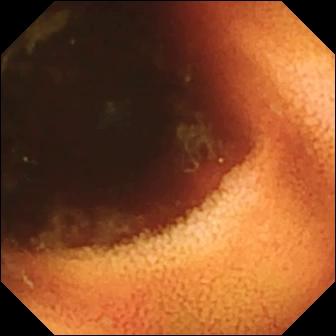Ileo-cecal valve region (the transition from the small bowel to the large bowel).